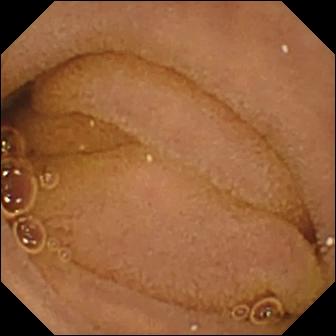Q: What does this capsule endoscopy view of the small bowel show?
A: Normal clean mucosa.